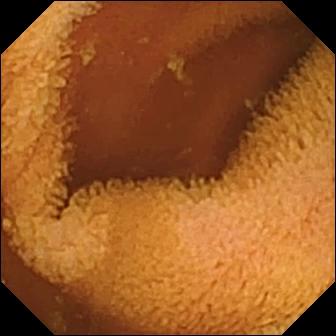PROCEDURE: Small-bowel capsule endoscopy.
SEGMENT: Small intestine.
FINDINGS: Normal clean mucosa.